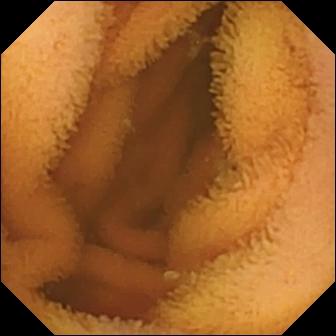This capsule endoscopy still of the small intestine shows normal clean mucosa.